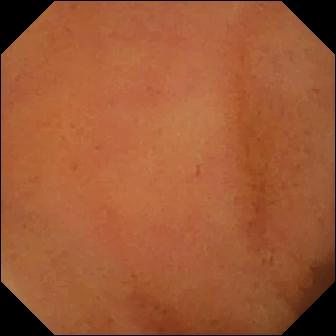Small-bowel capsule endoscopy. Small bowel. Finding: normal clean mucosa.